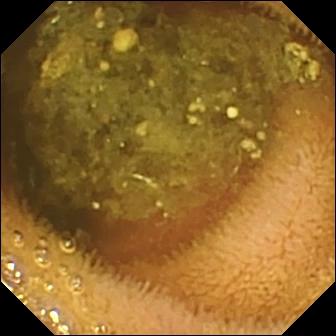WCE — reduced mucosal view (content or bubbles obscuring the mucosa).